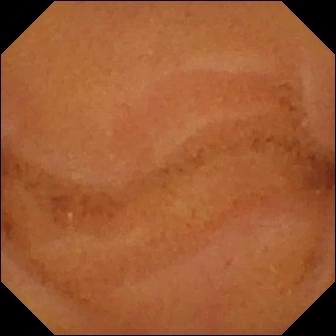Q: What does this video capsule endoscopy snapshot show?
A: Normal clean mucosa.